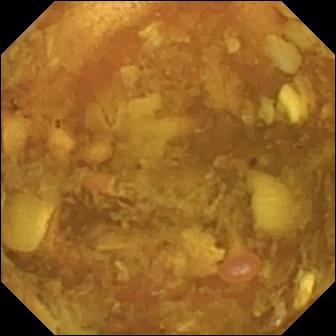Reduced mucosal view (content or bubbles obscuring the mucosa) — wireless capsule endoscopy view.